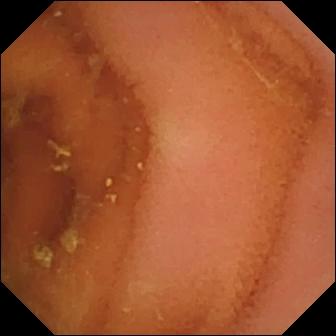Wireless capsule endoscopy — normal clean mucosa.